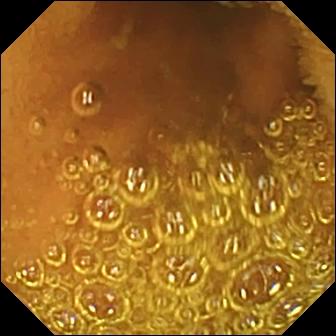{"modality": "WCE", "finding": "normal clean mucosa"}